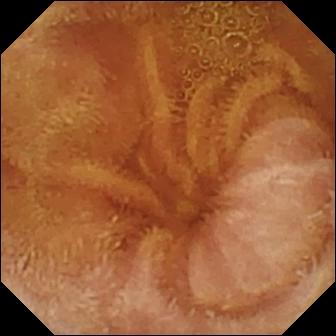Normal clean mucosa.